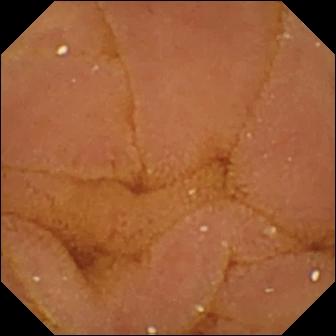Normal clean mucosa — VCE image.